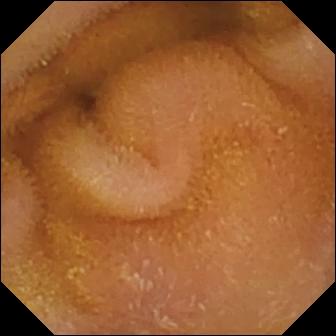Normal clean mucosa (336×336).